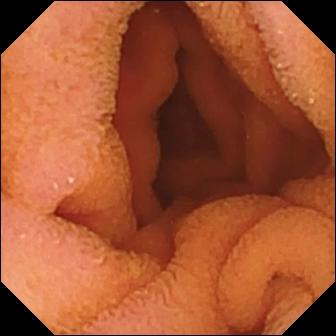Normal clean mucosa — video capsule endoscopy still.